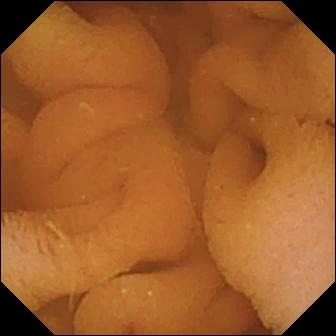Wireless capsule endoscopy view. Normal clean mucosa.